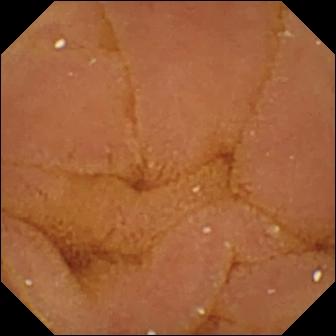PROCEDURE: Small-bowel capsule endoscopy.
FINDINGS: Normal clean mucosa.